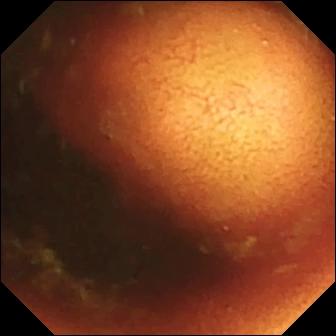VCE image
Label: ileo-cecal valve region (the transition from the small bowel to the large bowel)